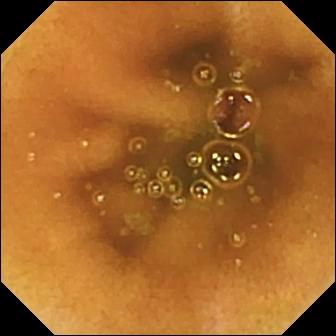PROCEDURE: WCE.
FINDINGS: Normal clean mucosa.